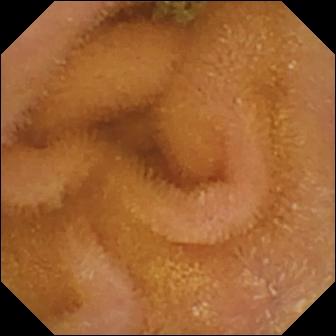- modality: video capsule endoscopy
- segment: small intestine
- impression: normal clean mucosa